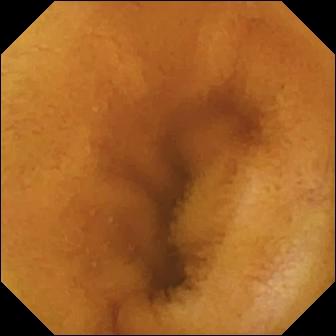Small-bowel capsule endoscopy snapshot. Normal clean mucosa.